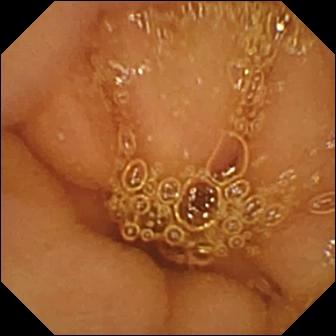Normal clean mucosa.